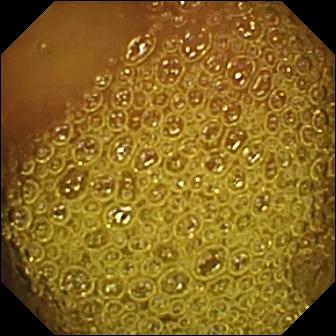WCE — normal clean mucosa.